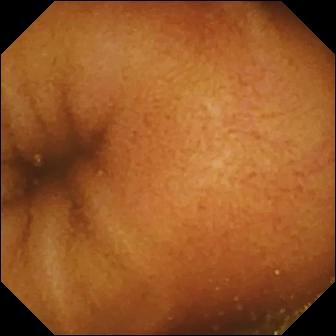Q: What does this small-bowel capsule endoscopy still of the small bowel show?
A: Normal clean mucosa.